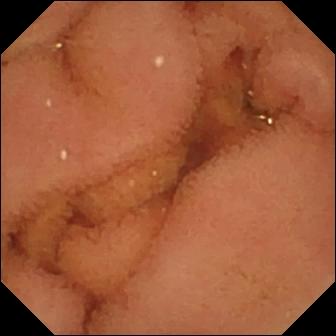Q: What does this video capsule endoscopy snapshot of the small bowel show?
A: Normal clean mucosa.